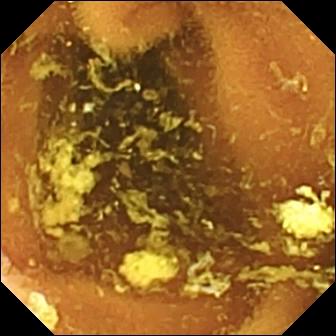Small-bowel capsule endoscopy — normal clean mucosa.